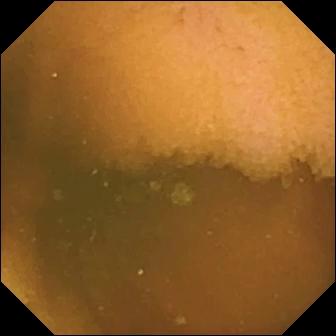{"modality": "wireless capsule endoscopy", "segment": "small intestine", "finding": "normal clean mucosa"}